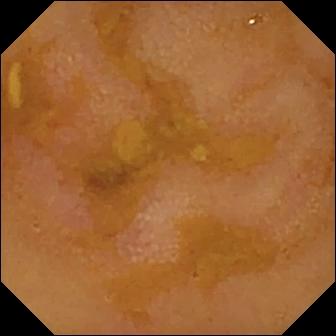Small-bowel capsule endoscopy frame (small intestine). Reduced mucosal view (content or bubbles obscuring the mucosa).